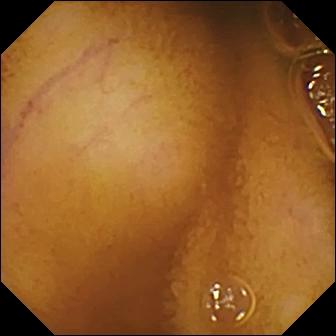VCE snapshot, small intestine
Observation: normal clean mucosa